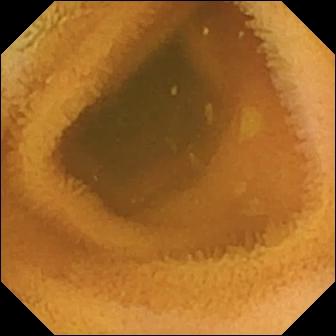Q: What does this video capsule endoscopy image show?
A: Normal clean mucosa.